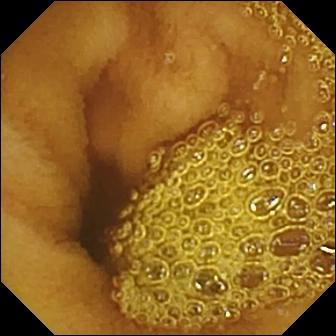This small-bowel capsule endoscopy image of the small intestine shows normal clean mucosa.